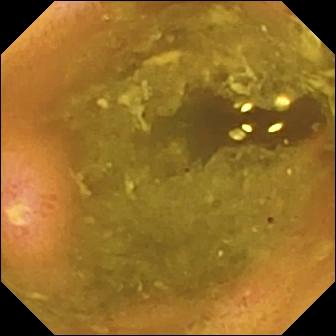PROCEDURE: WCE.
FINDINGS: Ulcer.